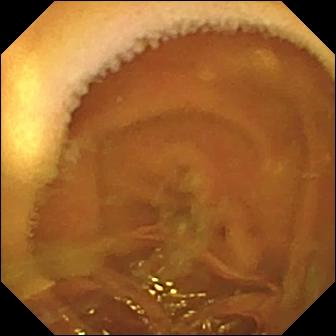Normal clean mucosa — small-bowel capsule endoscopy frame.